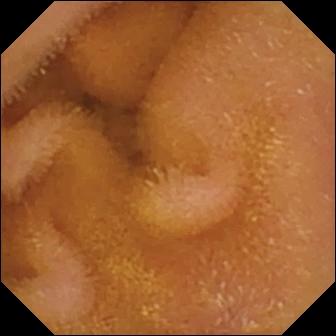VCE. Small intestine. Finding: normal clean mucosa.